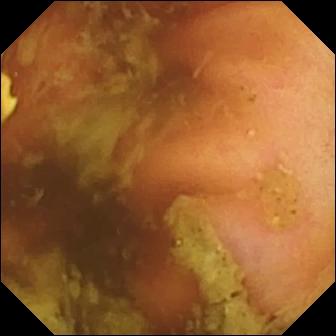WCE frame. Taken in the ileo-cecal valve region (where the capsule passes from the small bowel into the large bowel).